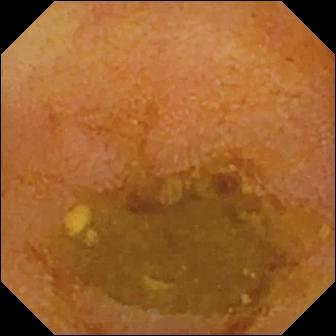PROCEDURE: Capsule endoscopy.
SEGMENT: Small intestine.
FINDINGS: Reduced mucosal view (content or bubbles obscuring the mucosa).